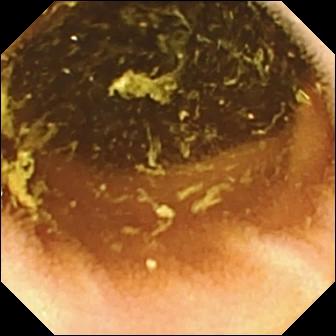Capsule endoscopy still (small intestine). Normal clean mucosa.